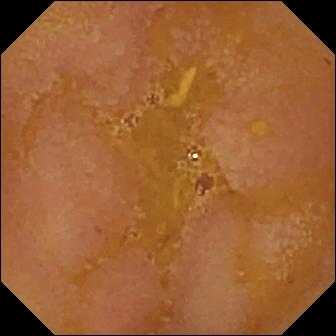Wireless capsule endoscopy image. Reduced mucosal view (content or bubbles obscuring the mucosa).